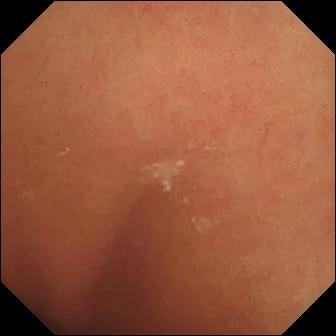Normal clean mucosa — capsule endoscopy image.